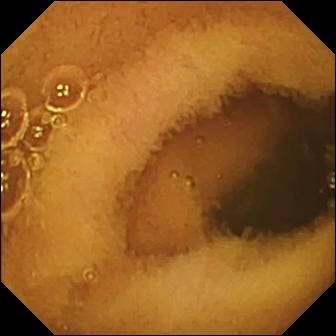This small-bowel capsule endoscopy snapshot shows normal clean mucosa.